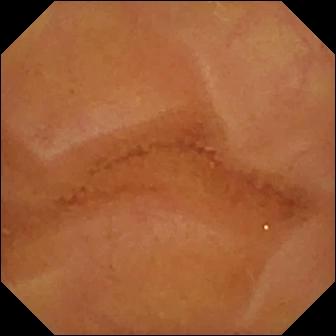{"modality": "small-bowel capsule endoscopy", "finding": "normal clean mucosa"}